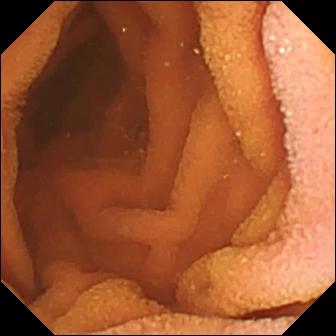This small-bowel capsule endoscopy snapshot of the small bowel shows normal clean mucosa.